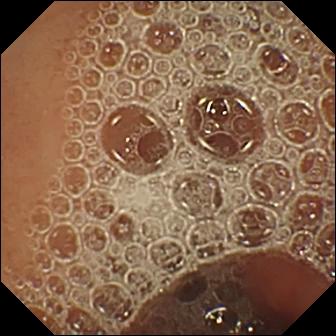Normal clean mucosa.